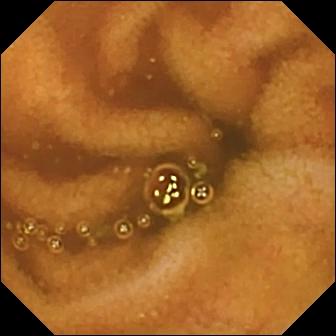{"modality": "WCE", "category": "luminal finding", "finding": "normal clean mucosa"}